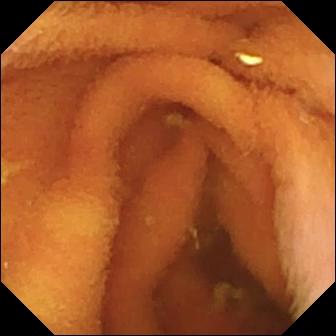Normal clean mucosa — WCE still of the small intestine.